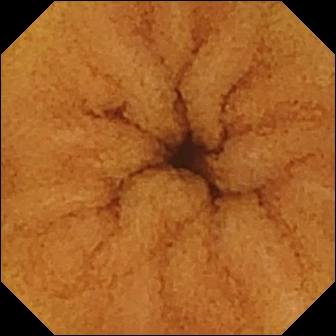- modality: wireless capsule endoscopy
- segment: small bowel
- observation: normal clean mucosa